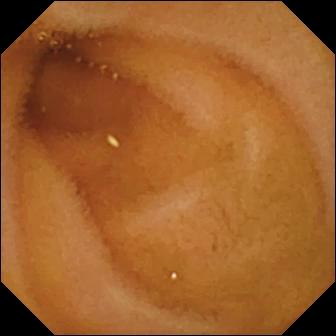PROCEDURE: Wireless capsule endoscopy.
FINDINGS: Normal clean mucosa.